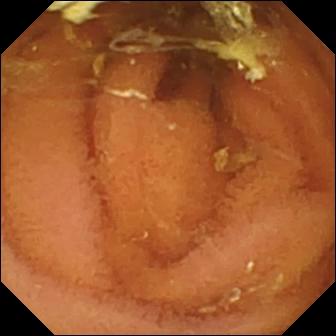This small-bowel capsule endoscopy still shows normal clean mucosa.